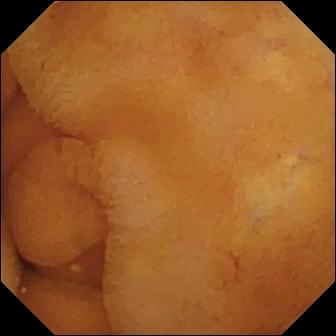Video capsule endoscopy — normal clean mucosa.